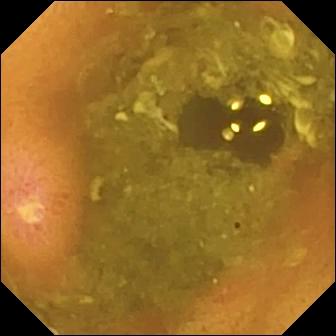Wireless capsule endoscopy still. Ulcer.